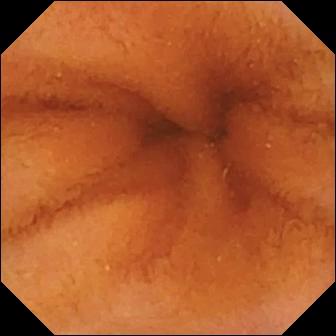Q: What does this small-bowel capsule endoscopy still of the small intestine show?
A: Normal clean mucosa.